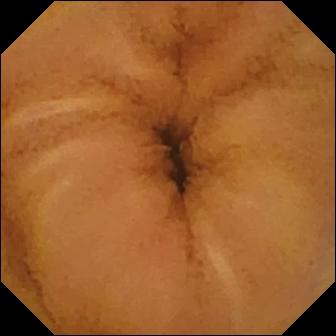modality: VCE | segment: small bowel | label: normal clean mucosa